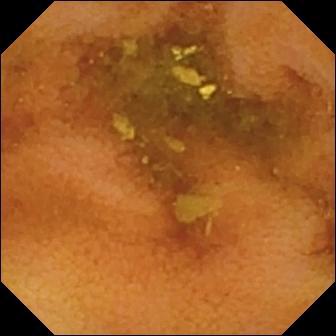PROCEDURE: Small-bowel capsule endoscopy.
FINDINGS: Normal clean mucosa.